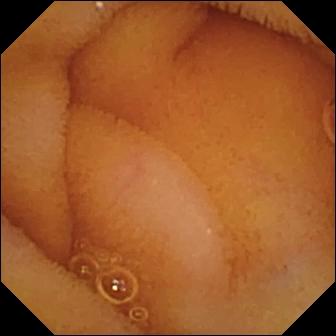- modality: small-bowel capsule endoscopy
- segment: small bowel
- finding: normal clean mucosa